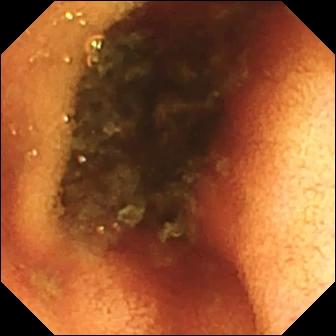Ileo-cecal valve region (the transition from the small bowel to the large bowel).